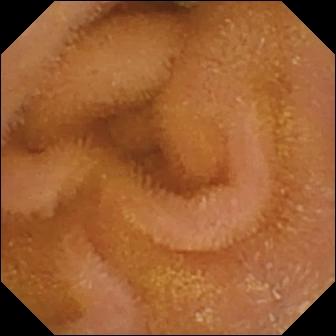This wireless capsule endoscopy image of the small bowel shows normal clean mucosa.